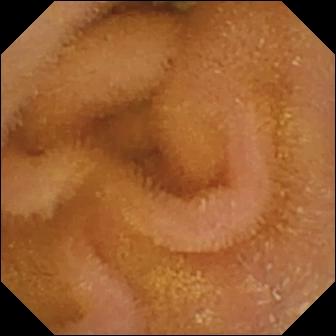- modality: WCE
- segment: small bowel
- category: luminal finding
- observation: normal clean mucosa